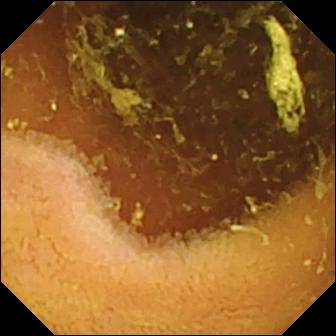PROCEDURE: Wireless capsule endoscopy.
SEGMENT: Small intestine.
FINDINGS: Normal clean mucosa.